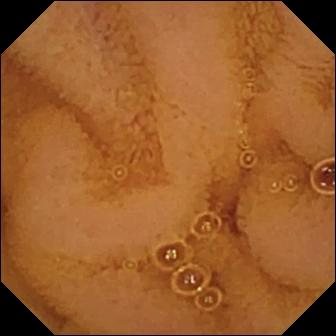Small-bowel capsule endoscopy view showing normal clean mucosa.